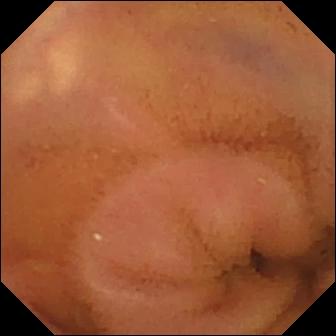PROCEDURE: WCE.
SEGMENT: Small intestine.
FINDINGS: Normal clean mucosa.